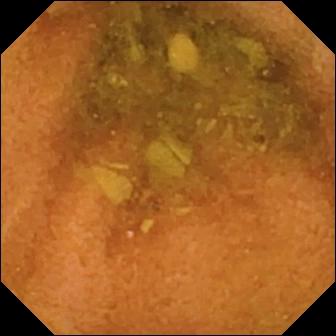Wireless capsule endoscopy — normal clean mucosa.